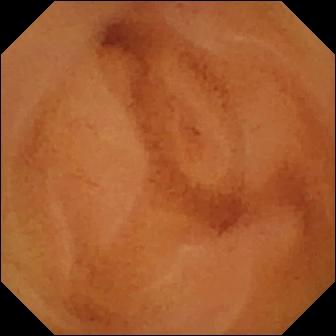{"modality": "VCE", "finding": "normal clean mucosa"}